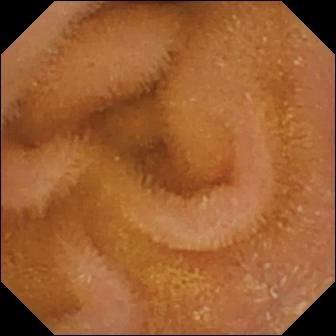- modality: wireless capsule endoscopy
- segment: small bowel
- impression: normal clean mucosa